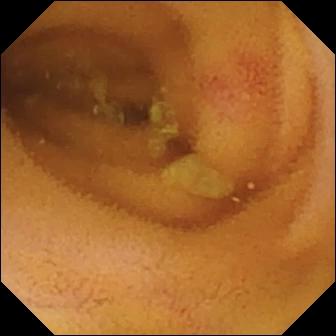Capsule endoscopy — angiectasia.